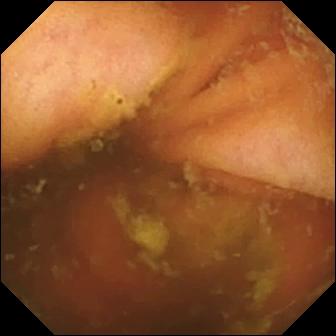Ileo-cecal valve region (the transition from the small bowel to the large bowel).